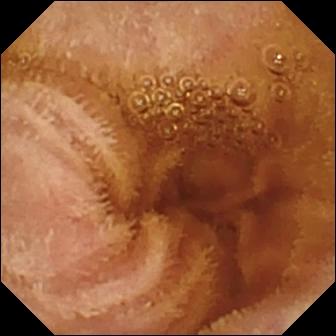- modality: video capsule endoscopy
- observation: normal clean mucosa